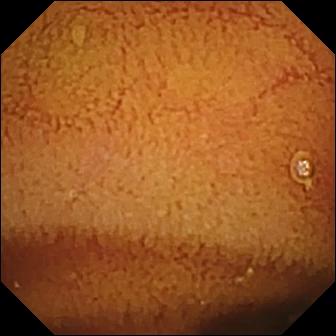VCE view
Impression: normal clean mucosa